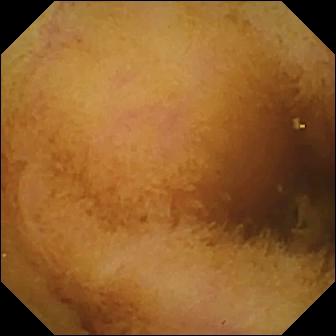- modality: VCE
- category: luminal finding
- observation: normal clean mucosa